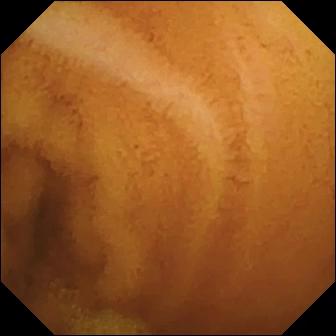WCE snapshot
Observation: normal clean mucosa